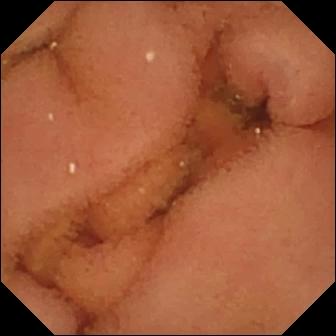modality: capsule endoscopy; segment: small intestine; finding: normal clean mucosa